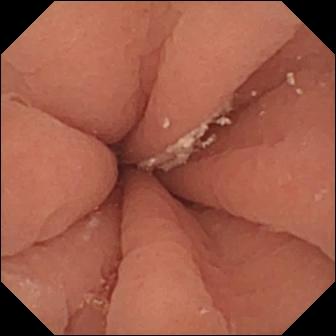Pylorus region (where the capsule passes from the stomach into the small bowel).